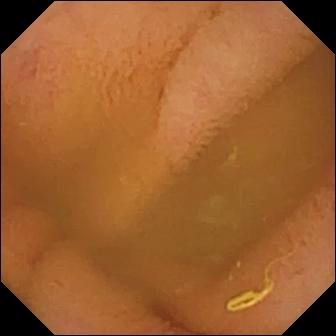Capsule endoscopy frame. Normal clean mucosa.